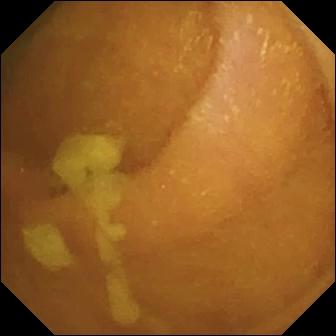Normal clean mucosa — capsule endoscopy snapshot.